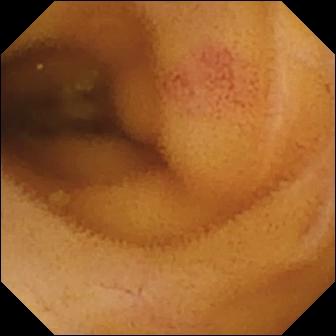{"modality": "capsule endoscopy", "category": "luminal finding", "finding": "angiectasia"}